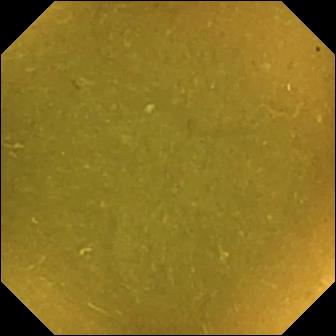Small-bowel capsule endoscopy. Near an anatomical landmark. Video segment: ileo-cecal valve region (where the capsule passes from the small bowel into the large bowel).